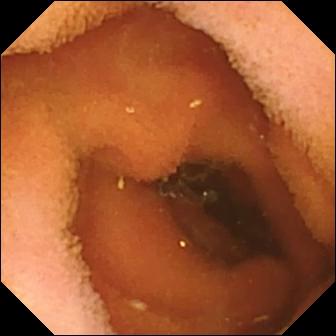modality: VCE
segment: small intestine
label: normal clean mucosa